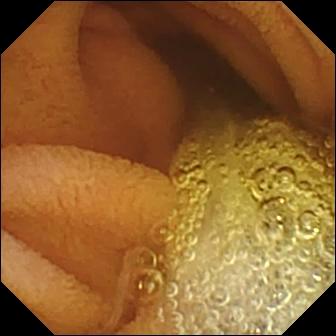- modality: WCE
- segment: small intestine
- finding: normal clean mucosa